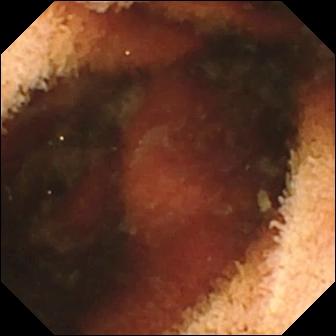Q: What does this capsule endoscopy snapshot show?
A: Fresh blood in the lumen.